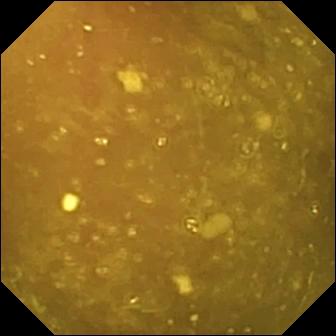Q: Where in the digestive tract was this WCE still taken?
A: Ileo-cecal valve region.